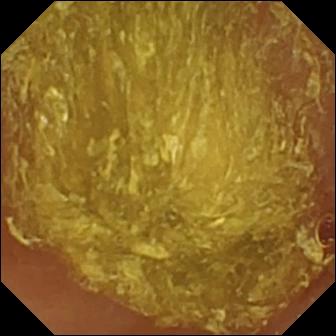Q: What does this video capsule endoscopy snapshot show?
A: Reduced mucosal view (content or bubbles obscuring the mucosa).